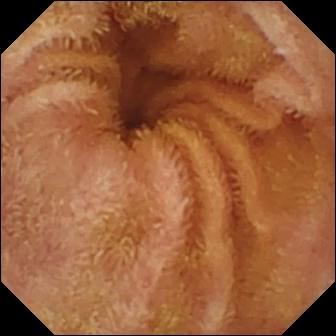{"modality": "video capsule endoscopy", "segment": "small bowel", "finding": "normal clean mucosa"}